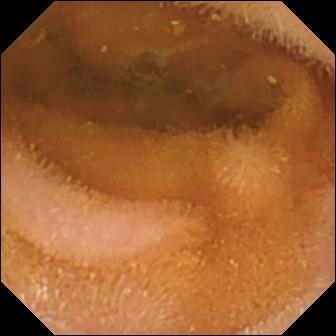Video capsule endoscopy. Finding: normal clean mucosa.